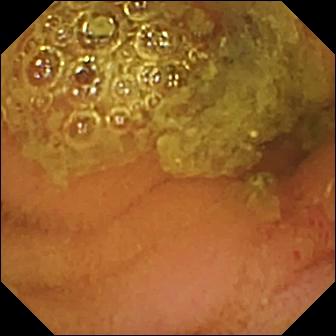PROCEDURE: VCE.
SEGMENT: Small bowel.
FINDINGS: Normal clean mucosa.